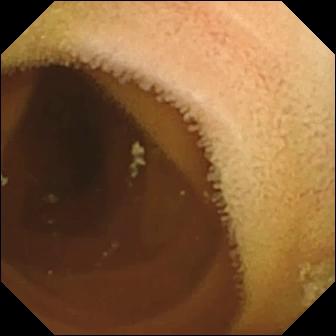Capsule endoscopy — normal clean mucosa.